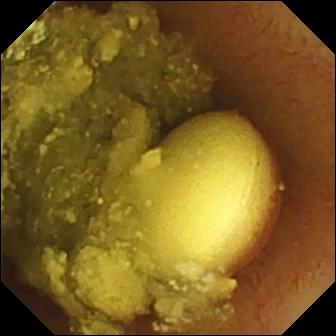- modality: capsule endoscopy
- label: foreign body (e.g. retained capsule, tablet residue)